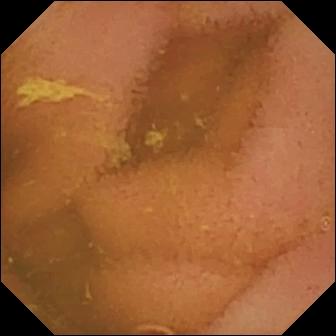Capsule endoscopy view, small bowel
Finding: normal clean mucosa